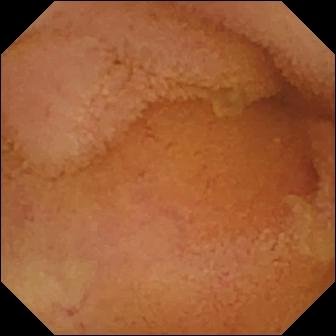Normal clean mucosa — VCE frame.